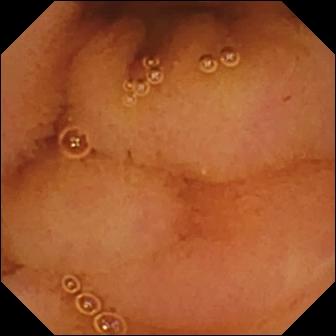PROCEDURE: VCE.
FINDINGS: Normal clean mucosa.